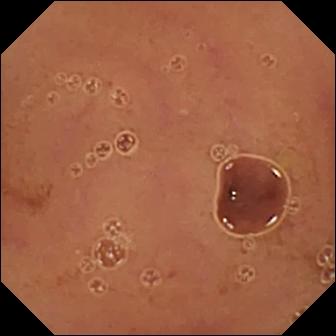Video capsule endoscopy — normal clean mucosa.